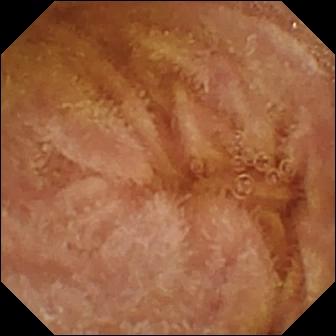VCE — normal clean mucosa.